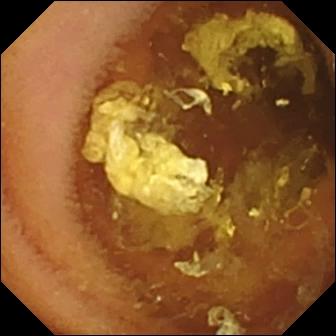Wireless capsule endoscopy. Impression: normal clean mucosa.